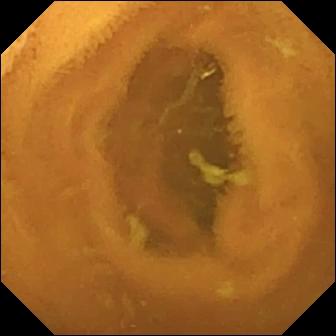- modality: VCE
- segment: small intestine
- finding: normal clean mucosa